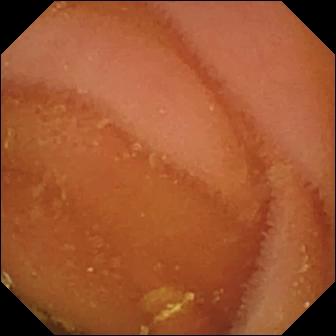This capsule endoscopy snapshot shows normal clean mucosa.